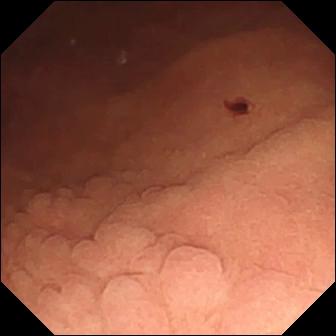WCE frame. Angiectasia.